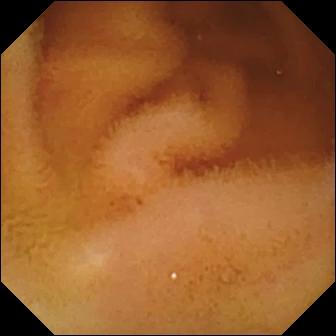Capsule endoscopy view. Normal clean mucosa.